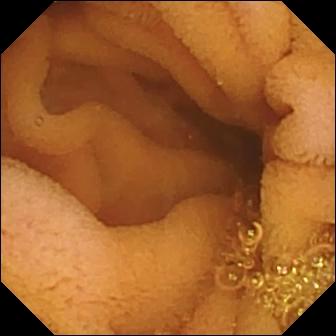- modality: capsule endoscopy
- observation: normal clean mucosa